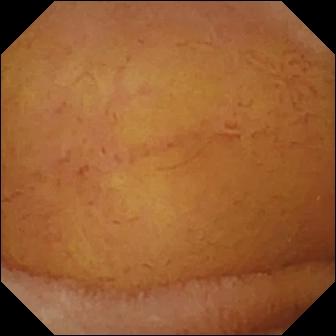Normal clean mucosa — capsule endoscopy still.